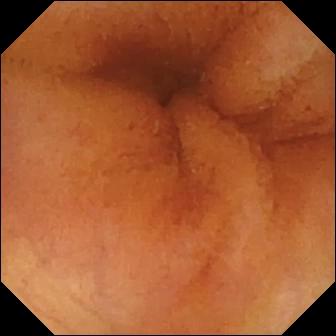- modality: wireless capsule endoscopy
- observation: normal clean mucosa